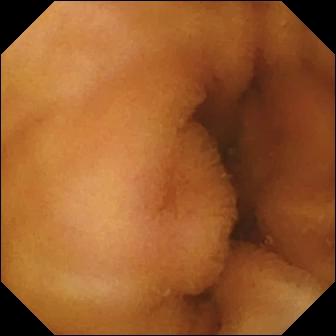Capsule endoscopy. Luminal finding. Finding: normal clean mucosa.